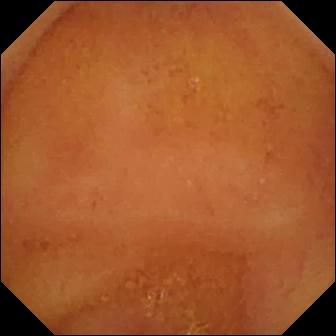modality: video capsule endoscopy
segment: small intestine
category: luminal finding
label: normal clean mucosa